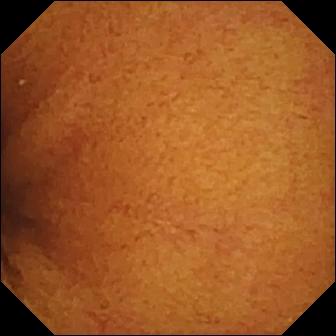{"modality": "wireless capsule endoscopy", "category": "luminal finding", "finding": "normal clean mucosa"}